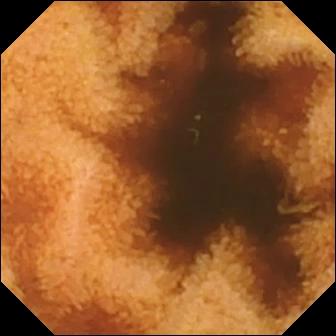Capsule endoscopy. Small intestine. Luminal finding. Observation: normal clean mucosa.